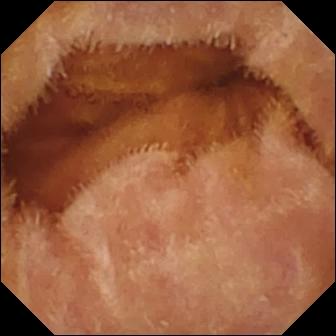Normal clean mucosa — VCE frame of the small bowel.